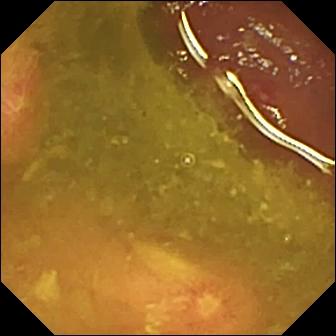Wireless capsule endoscopy frame
Impression: ulcer